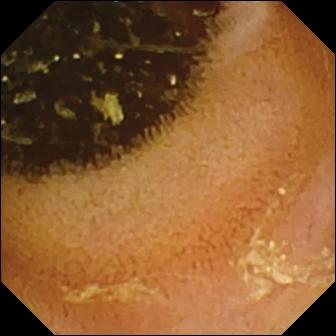This WCE view of the small bowel shows normal clean mucosa.